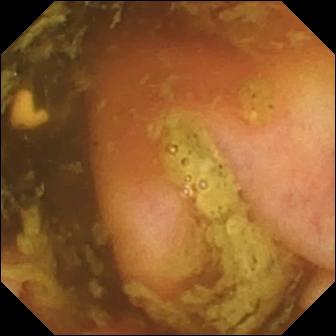modality: small-bowel capsule endoscopy; video segment: ileo-cecal valve region